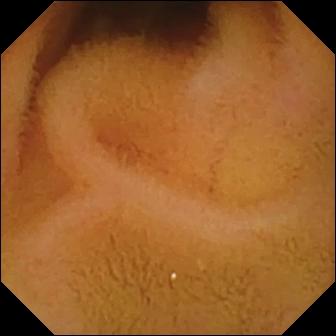Normal clean mucosa.